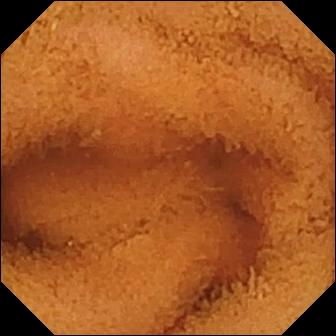Q: What does this video capsule endoscopy frame show?
A: Normal clean mucosa.